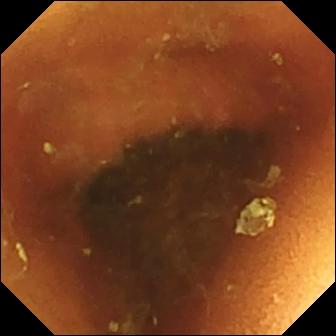Wireless capsule endoscopy snapshot
Observation: normal clean mucosa